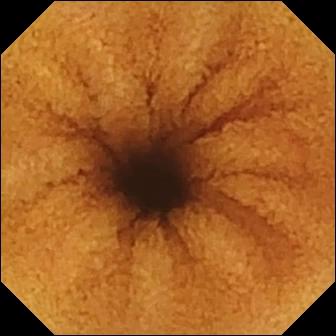VCE. Label: normal clean mucosa.